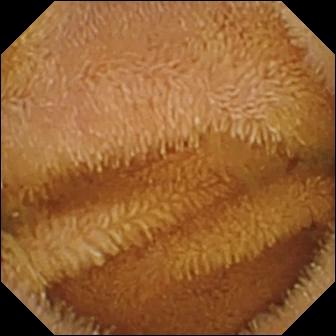This small-bowel capsule endoscopy image of the small intestine shows normal clean mucosa.